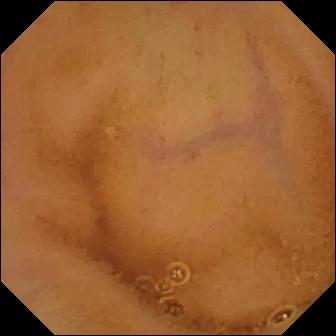Q: What does this capsule endoscopy still of the small bowel show?
A: Normal clean mucosa.